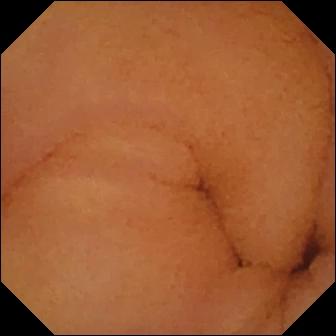This VCE view of the small intestine shows normal clean mucosa.